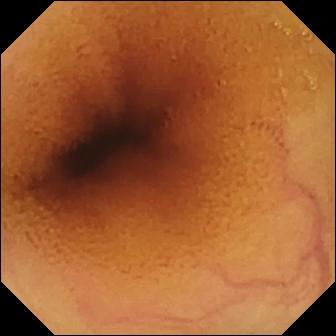modality: video capsule endoscopy
label: normal clean mucosa